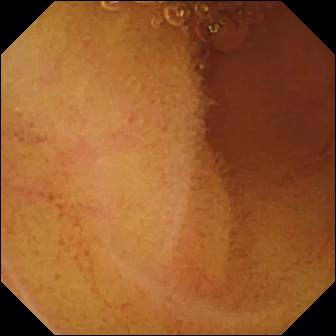VCE view showing normal clean mucosa.